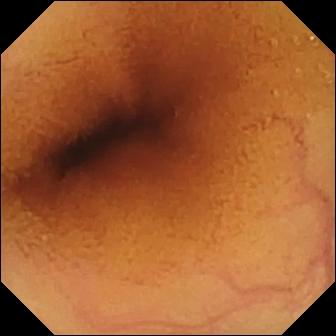WCE still (small intestine). Normal clean mucosa.